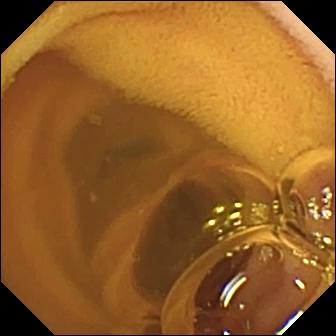Capsule endoscopy — normal clean mucosa.